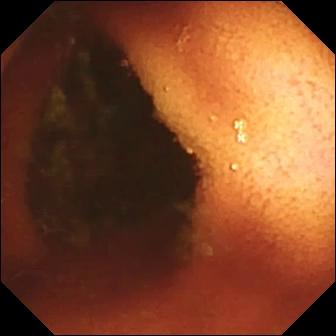Small-bowel capsule endoscopy frame
Position: ileo-cecal valve region (where the capsule passes from the small bowel into the large bowel)